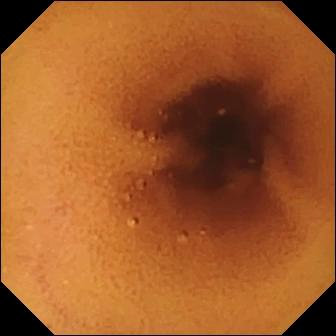Normal clean mucosa — small-bowel capsule endoscopy frame of the small intestine.